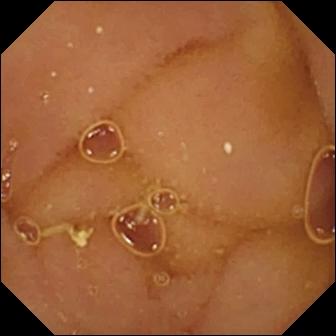WCE snapshot (small intestine). Normal clean mucosa.